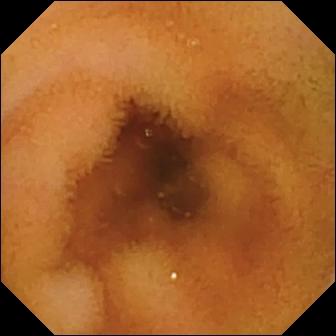Normal clean mucosa — capsule endoscopy view of the small intestine.